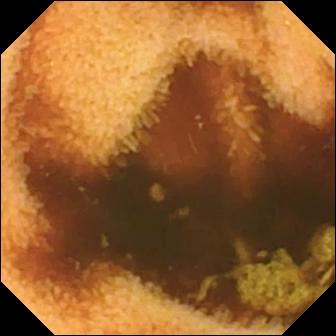VCE image
Label: normal clean mucosa